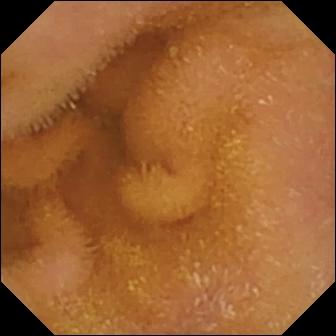- modality: VCE
- segment: small bowel
- category: luminal finding
- impression: normal clean mucosa